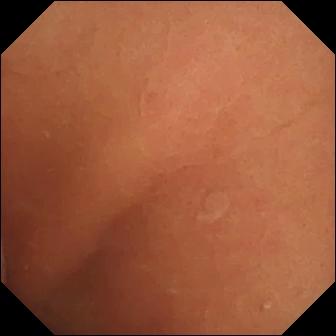Capsule endoscopy. Label: normal clean mucosa.